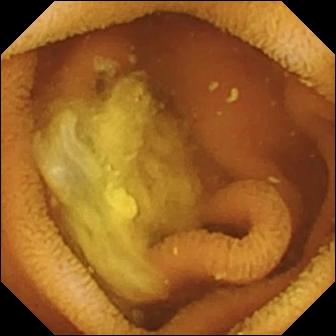Video capsule endoscopy snapshot (small intestine), 336×336. Normal clean mucosa.